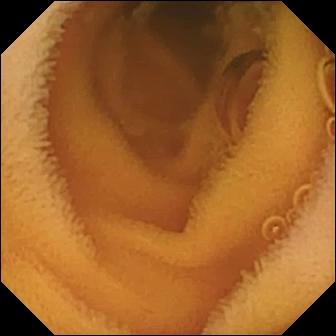Normal clean mucosa — small-bowel capsule endoscopy snapshot.